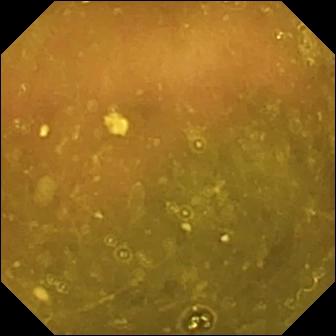This video capsule endoscopy image was taken in the ileo-cecal valve region (the transition from the small bowel to the large bowel).